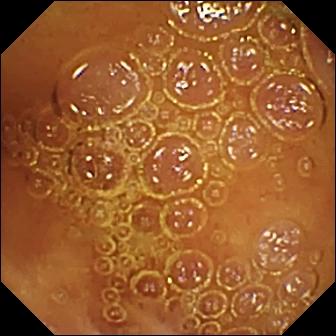Wireless capsule endoscopy. Impression: normal clean mucosa.